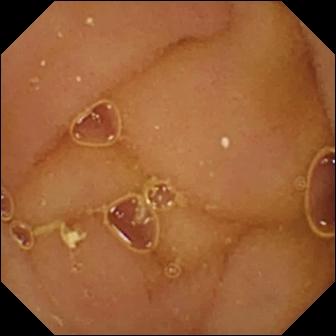Small-bowel capsule endoscopy still, 336×336. Normal clean mucosa.